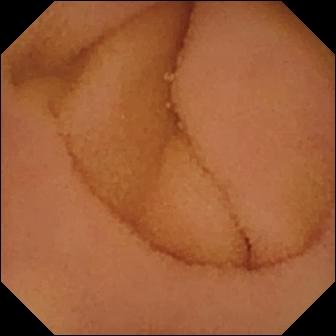{"modality": "WCE", "segment": "small intestine", "category": "luminal finding", "finding": "normal clean mucosa"}